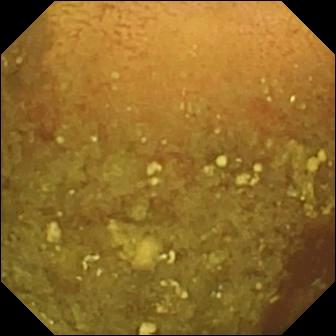VCE. Luminal finding. Observation: reduced mucosal view (content or bubbles obscuring the mucosa).